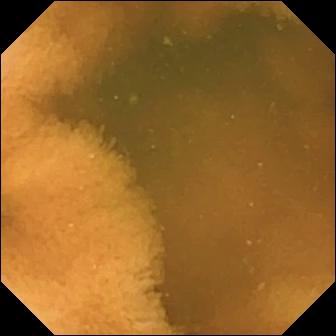Normal clean mucosa (336×336).